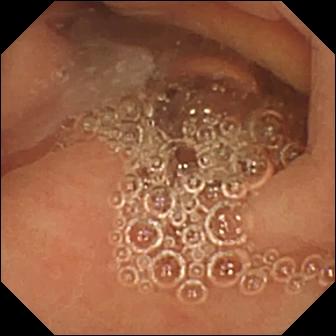{"modality": "capsule endoscopy", "finding": "normal clean mucosa"}